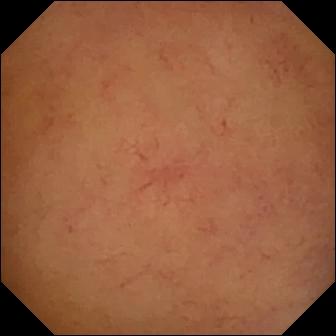modality: WCE
observation: normal clean mucosa